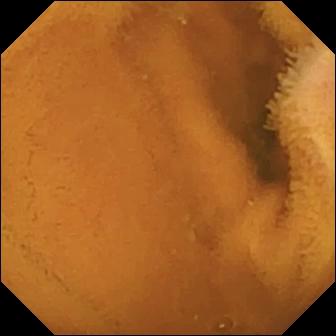Wireless capsule endoscopy — normal clean mucosa.